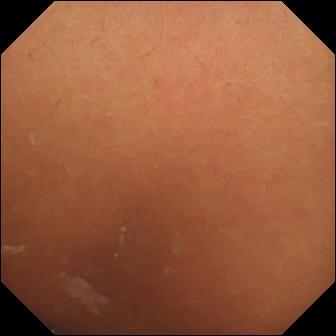PROCEDURE: WCE.
FINDINGS: Normal clean mucosa.